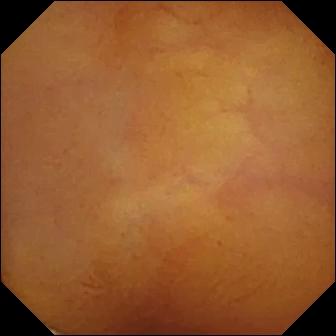modality: WCE; finding: normal clean mucosa